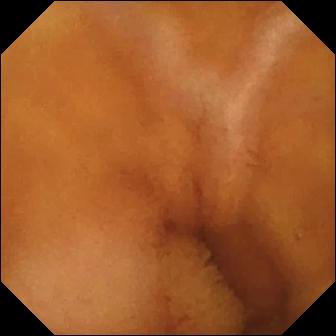Q: What does this WCE frame show?
A: Normal clean mucosa.